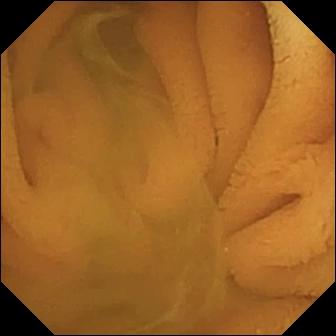PROCEDURE: Capsule endoscopy.
FINDINGS: Normal clean mucosa.